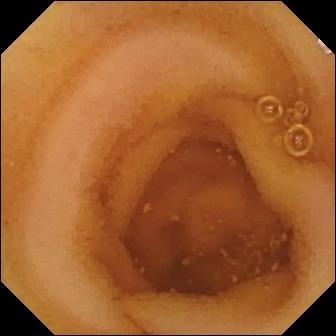Capsule endoscopy image of the small intestine showing normal clean mucosa.